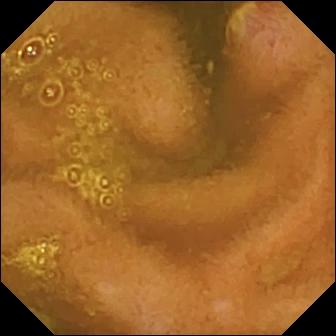VCE image showing ulcer.